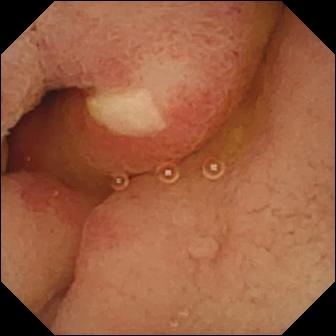Ulcer.